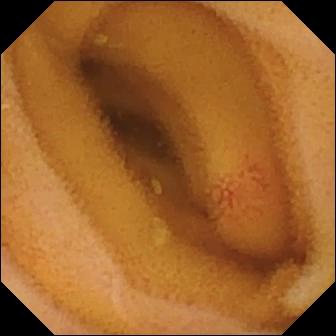Q: What does this capsule endoscopy still show?
A: Angiectasia.